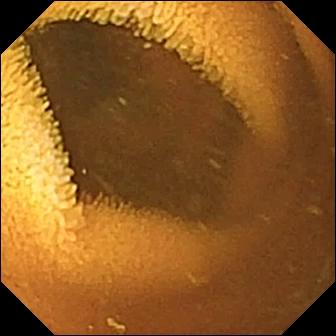Wireless capsule endoscopy snapshot showing normal clean mucosa.